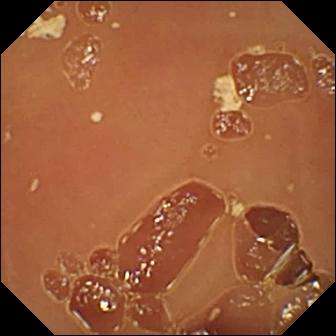Wireless capsule endoscopy. Luminal finding. Label: normal clean mucosa.